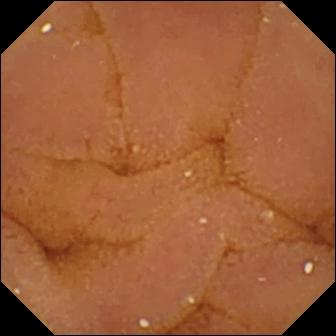Q: What does this capsule endoscopy frame of the small intestine show?
A: Normal clean mucosa.